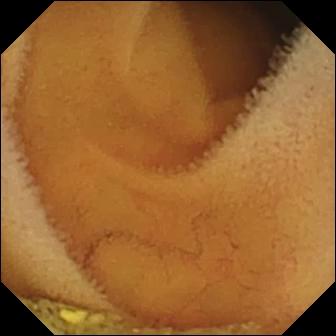{"modality": "wireless capsule endoscopy", "segment": "small bowel", "finding": "normal clean mucosa"}